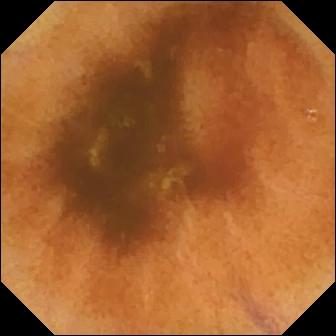Video capsule endoscopy. Luminal finding. Impression: normal clean mucosa.